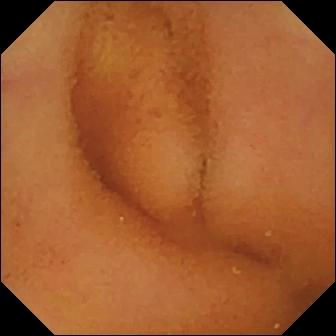{"modality": "WCE", "segment": "small bowel", "finding": "normal clean mucosa"}